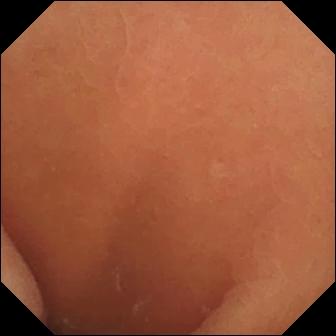PROCEDURE: Capsule endoscopy.
FINDINGS: Normal clean mucosa.